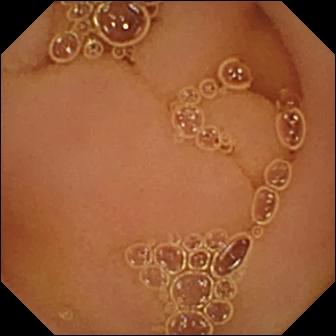Video capsule endoscopy frame of the small intestine showing normal clean mucosa.